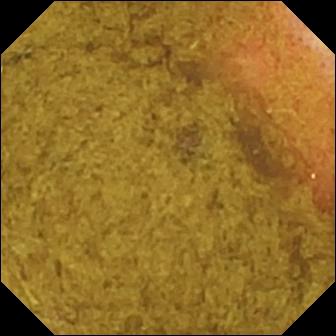VCE still. Taken in the ileo-cecal valve region (where the capsule passes from the small bowel into the large bowel).